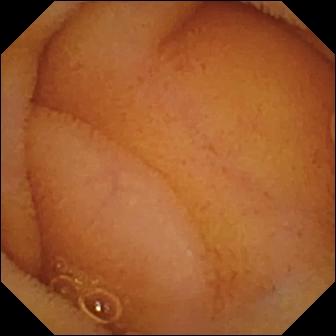Wireless capsule endoscopy still
Finding: normal clean mucosa